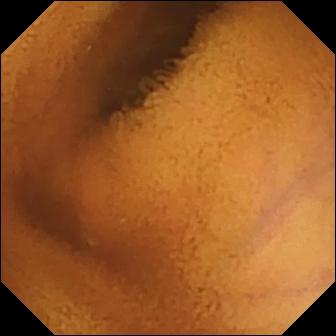modality: VCE | segment: small bowel | category: luminal finding | impression: normal clean mucosa